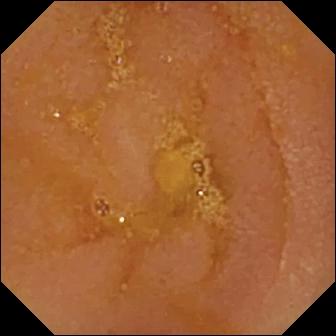- modality: wireless capsule endoscopy
- segment: small bowel
- finding: reduced mucosal view (content or bubbles obscuring the mucosa)